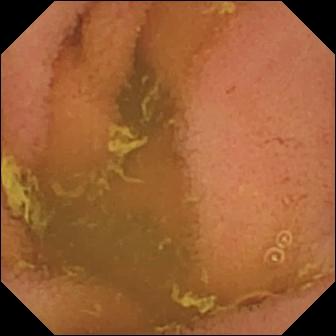{"modality": "capsule endoscopy", "segment": "small bowel", "finding": "normal clean mucosa"}